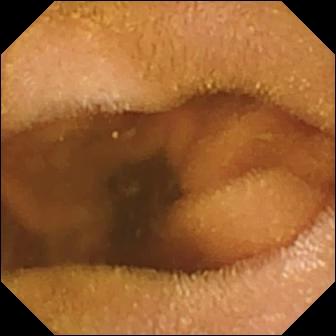PROCEDURE: Video capsule endoscopy.
FINDINGS: Normal clean mucosa.